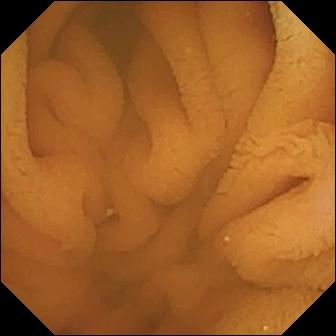Normal clean mucosa — video capsule endoscopy image of the small bowel.